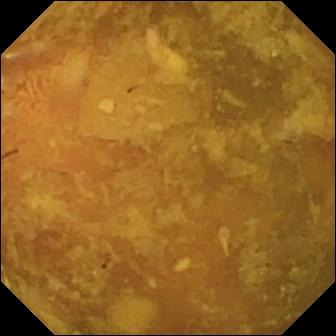Wireless capsule endoscopy image, small intestine
Finding: reduced mucosal view (content or bubbles obscuring the mucosa)